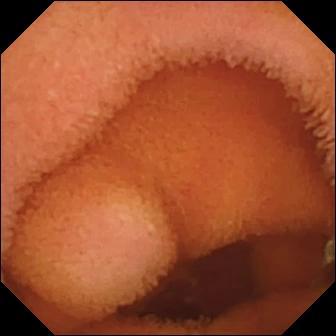VCE — normal clean mucosa.